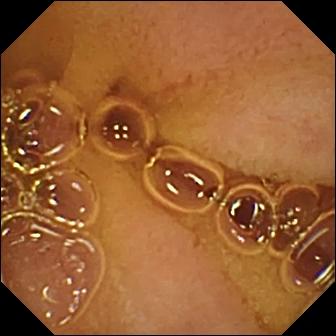Normal clean mucosa — small-bowel capsule endoscopy frame of the small intestine.